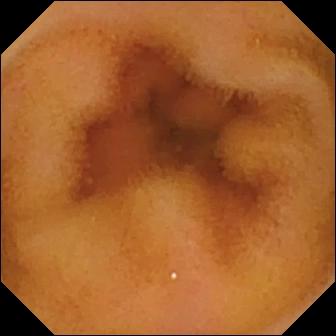Video capsule endoscopy snapshot showing normal clean mucosa.